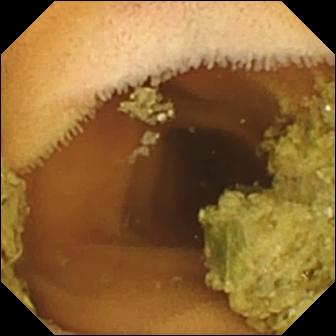modality: WCE
observation: normal clean mucosa